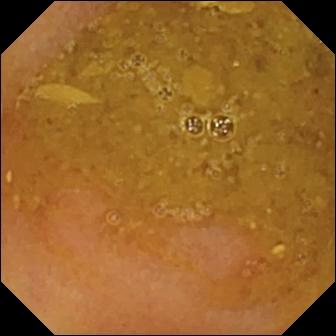modality: wireless capsule endoscopy
label: reduced mucosal view (content or bubbles obscuring the mucosa)